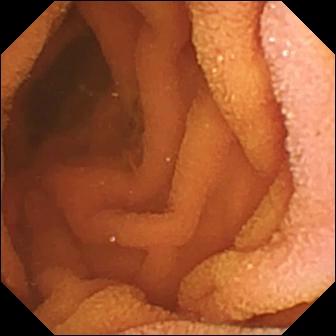- modality: small-bowel capsule endoscopy
- finding: normal clean mucosa